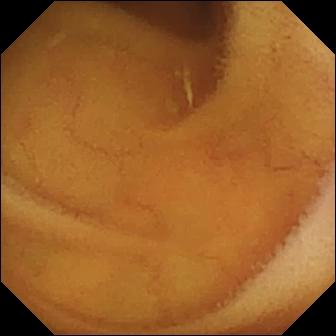- modality: VCE
- category: luminal finding
- observation: normal clean mucosa